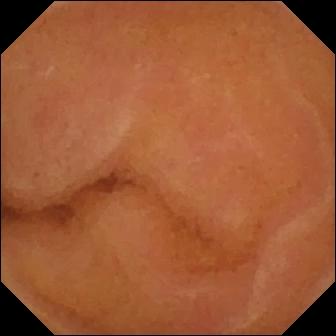PROCEDURE: VCE.
FINDINGS: Normal clean mucosa.